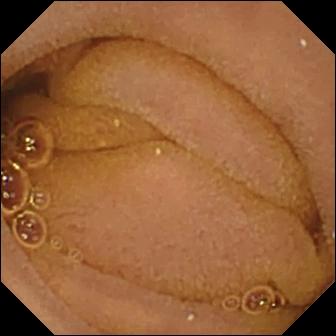Normal clean mucosa.